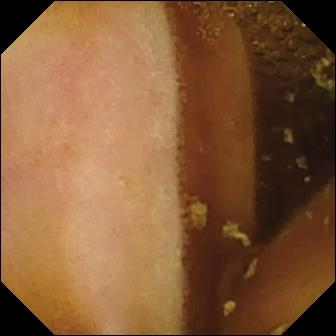Capsule endoscopy. Luminal finding. Label: normal clean mucosa.